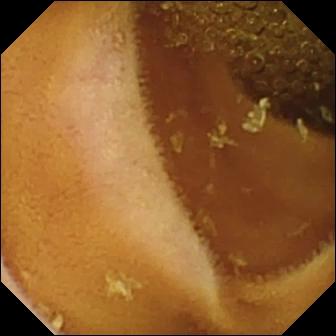VCE. Label: normal clean mucosa.